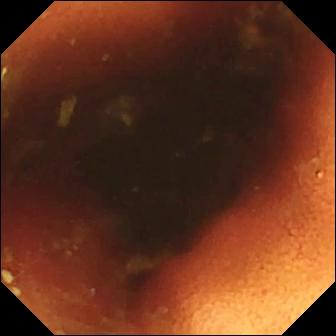modality: VCE | category: anatomical landmark | position: ileo-cecal valve region (where the capsule passes from the small bowel into the large bowel)